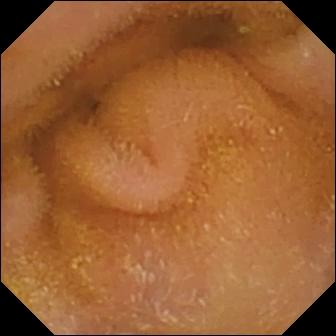Small-bowel capsule endoscopy. Label: normal clean mucosa.